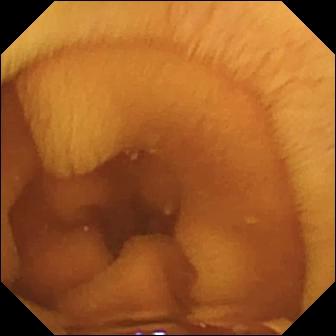Wireless capsule endoscopy still
Finding: normal clean mucosa